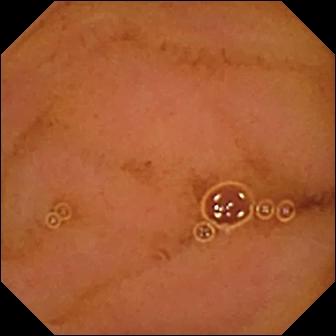Video capsule endoscopy frame of the small bowel showing normal clean mucosa.